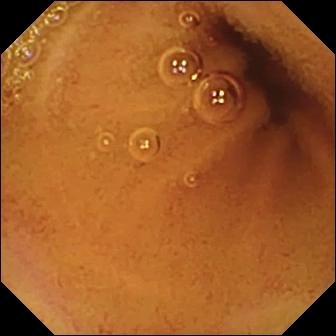- modality: VCE
- segment: small bowel
- category: luminal finding
- impression: normal clean mucosa